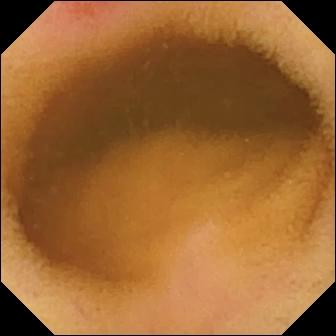Wireless capsule endoscopy view showing erythema (mucosal redness).